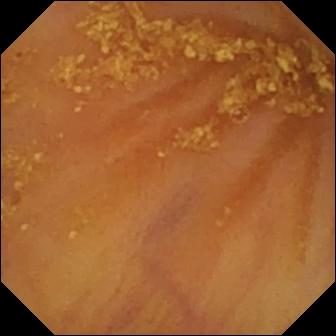{"modality": "VCE", "position": "ileo-cecal valve region (the transition from the small bowel to the large bowel)"}